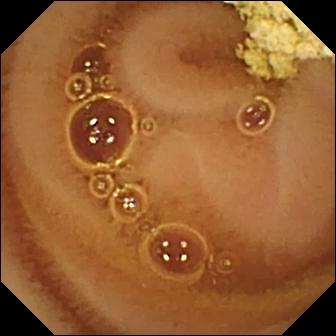VCE — normal clean mucosa.